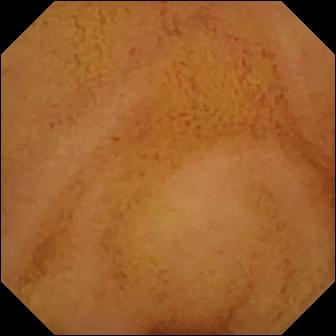Q: What does this small-bowel capsule endoscopy still show?
A: Normal clean mucosa.